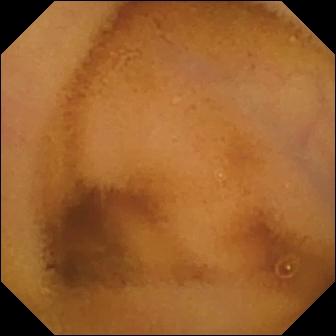VCE. Small intestine. Luminal finding. Label: normal clean mucosa.